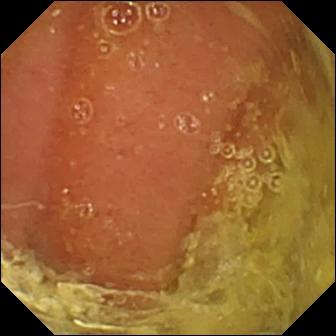Small-bowel capsule endoscopy snapshot
Impression: normal clean mucosa